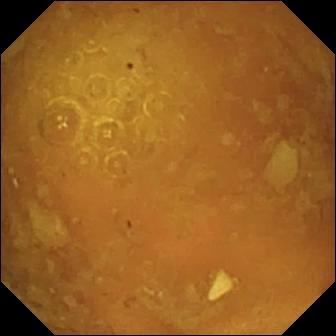This capsule endoscopy still of the small intestine shows reduced mucosal view (content or bubbles obscuring the mucosa).